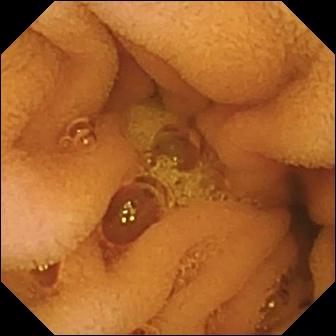Normal clean mucosa (336×336).